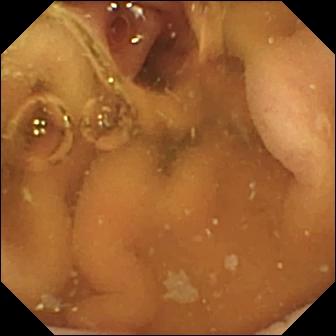Pylorus region (the junction between the stomach and the small bowel) — VCE frame.